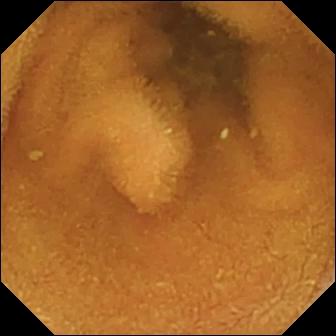This capsule endoscopy image of the small bowel shows normal clean mucosa.